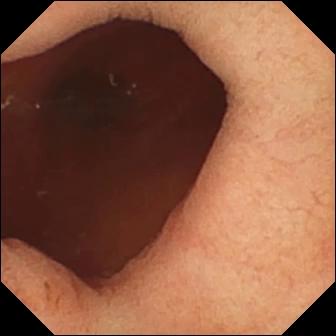Wireless capsule endoscopy snapshot taken in the pylorus region (where the capsule passes from the stomach into the small bowel).